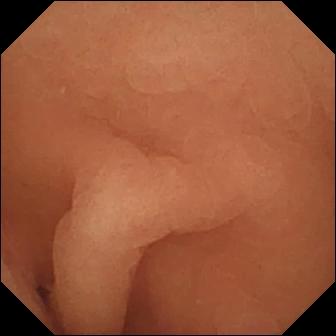Wireless capsule endoscopy — normal clean mucosa.